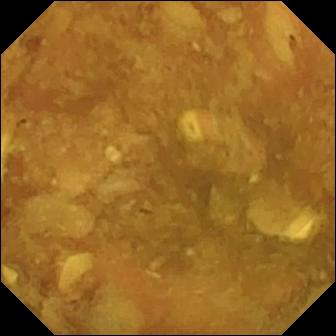Reduced mucosal view (content or bubbles obscuring the mucosa) — wireless capsule endoscopy view of the small intestine.